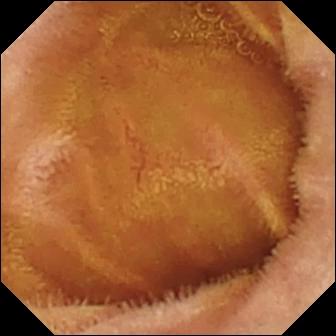modality: wireless capsule endoscopy; observation: normal clean mucosa